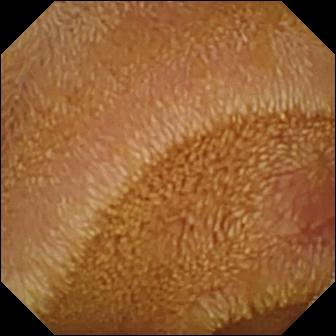Small-bowel capsule endoscopy — erosion.